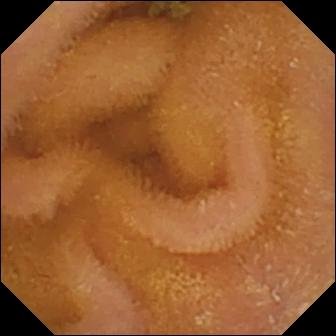VCE snapshot, small bowel
Finding: normal clean mucosa